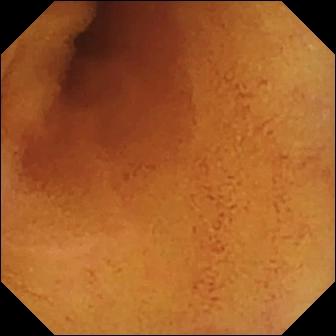PROCEDURE: VCE.
SEGMENT: Small bowel.
FINDINGS: Normal clean mucosa.